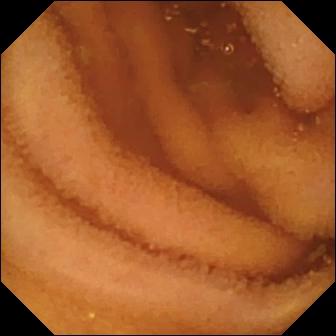modality: VCE
category: luminal finding
impression: normal clean mucosa